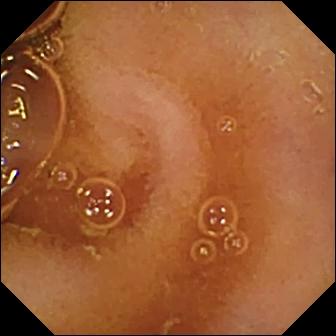Normal clean mucosa.